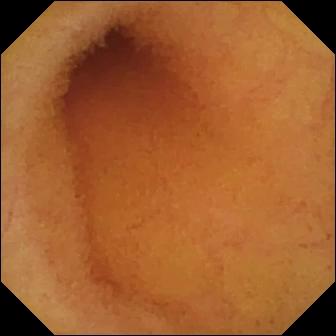Wireless capsule endoscopy image. Normal clean mucosa.